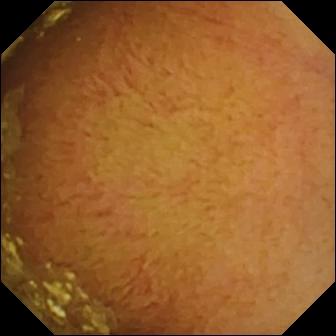Capsule endoscopy image
Observation: normal clean mucosa